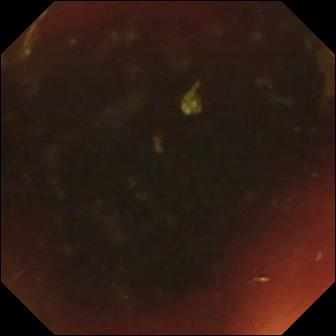This WCE frame was taken in the ileo-cecal valve region (the transition from the small bowel to the large bowel).